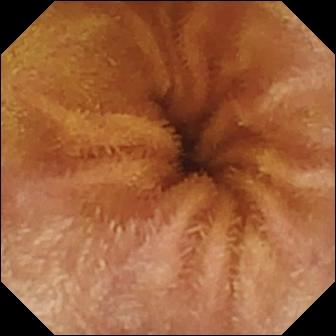Capsule endoscopy snapshot
Finding: normal clean mucosa